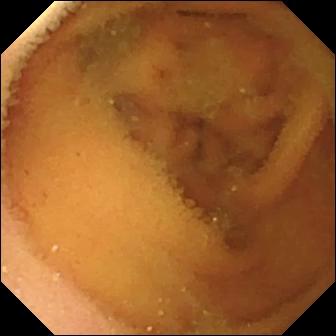modality: WCE; finding: normal clean mucosa